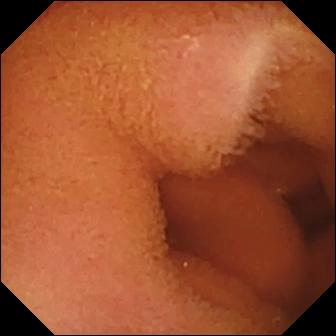WCE still showing normal clean mucosa.